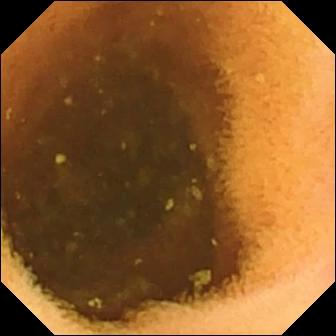This wireless capsule endoscopy snapshot of the small bowel shows normal clean mucosa.